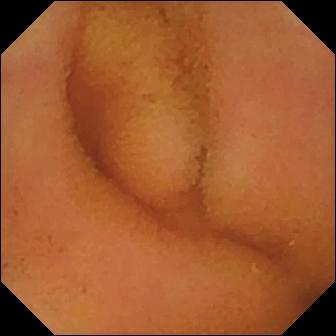Normal clean mucosa — WCE frame of the small bowel.